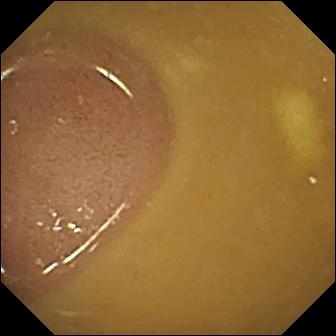Ileo-cecal valve region (where the capsule passes from the small bowel into the large bowel) — VCE frame.